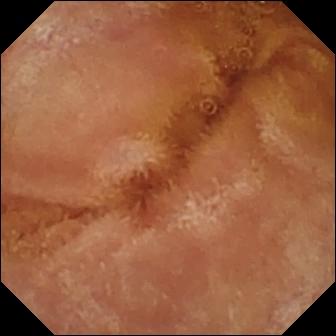modality: small-bowel capsule endoscopy
observation: normal clean mucosa